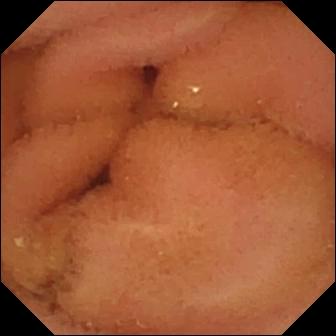VCE view (small bowel), 336×336. Normal clean mucosa.